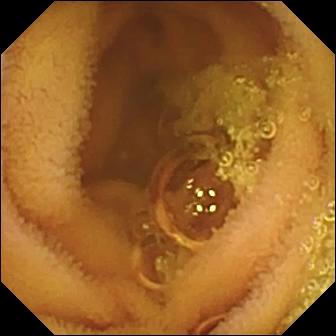Normal clean mucosa.